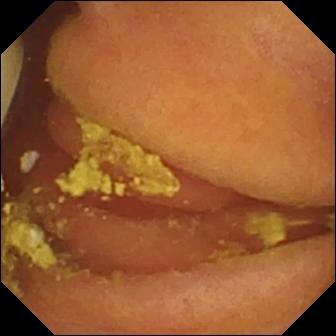PROCEDURE: Capsule endoscopy.
FINDINGS: Foreign body (e.g. retained capsule, tablet residue).